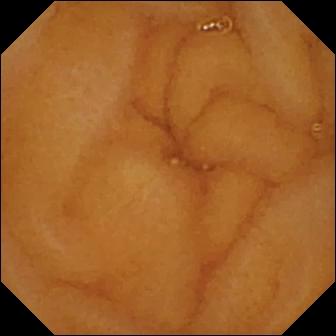{"modality": "VCE", "finding": "normal clean mucosa"}